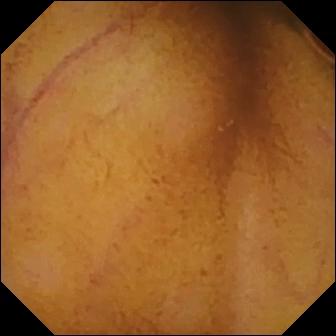Q: What does this video capsule endoscopy view of the small intestine show?
A: Normal clean mucosa.